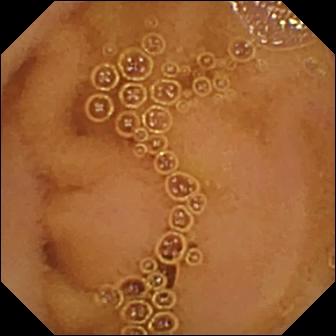{"modality": "VCE", "segment": "small bowel", "finding": "normal clean mucosa"}